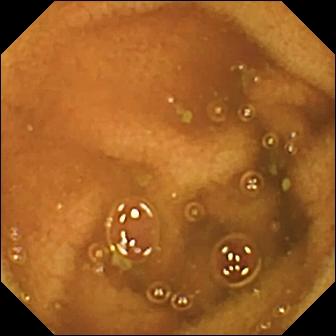modality: video capsule endoscopy; segment: small bowel; observation: normal clean mucosa